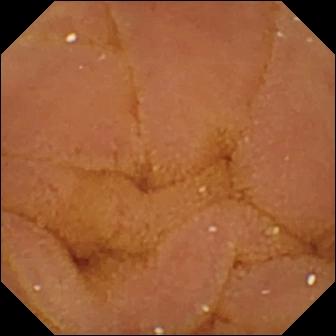- modality: wireless capsule endoscopy
- segment: small bowel
- finding: normal clean mucosa